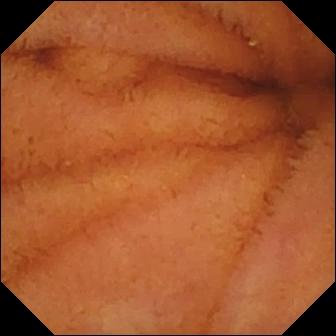Q: What does this small-bowel capsule endoscopy frame show?
A: Normal clean mucosa.